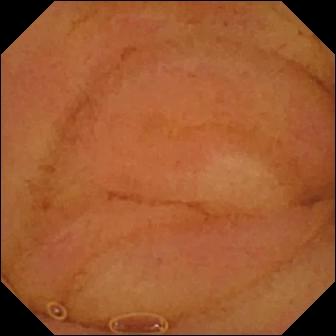PROCEDURE: VCE.
FINDINGS: Normal clean mucosa.